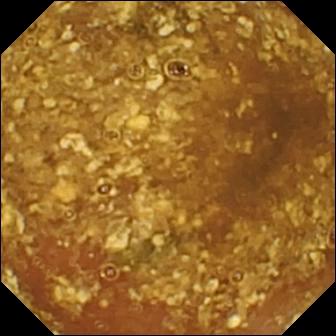- modality: video capsule endoscopy
- segment: small bowel
- impression: reduced mucosal view (content or bubbles obscuring the mucosa)